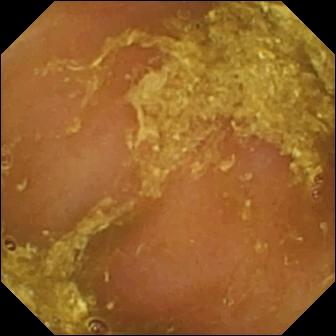WCE frame, small intestine
Finding: reduced mucosal view (content or bubbles obscuring the mucosa)